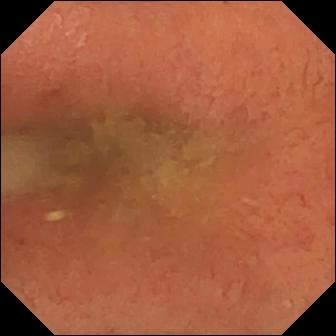Small-bowel capsule endoscopy snapshot taken in the pylorus region (the junction between the stomach and the small bowel).